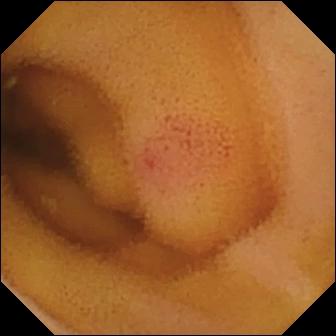Capsule endoscopy image showing angiectasia.